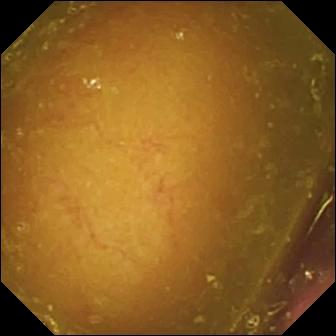This VCE view shows reduced mucosal view (content or bubbles obscuring the mucosa).